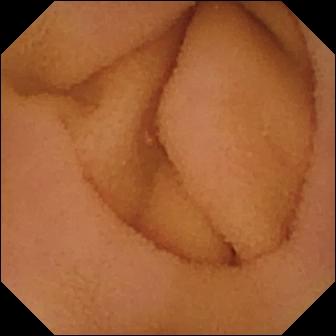Video capsule endoscopy snapshot (small intestine). Normal clean mucosa.